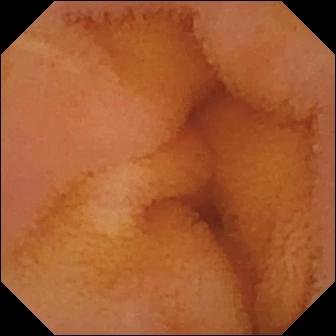Wireless capsule endoscopy. Luminal finding. Label: normal clean mucosa.